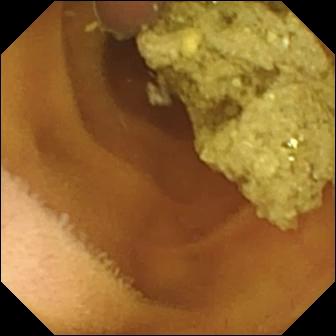Normal clean mucosa — small-bowel capsule endoscopy image.